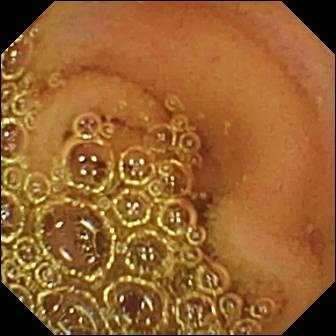{"modality": "wireless capsule endoscopy", "category": "luminal finding", "finding": "normal clean mucosa"}